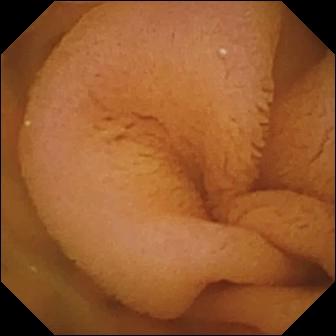Q: What does this small-bowel capsule endoscopy image of the small bowel show?
A: Normal clean mucosa.